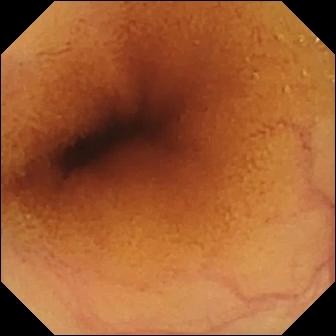Capsule endoscopy snapshot of the small bowel showing normal clean mucosa.